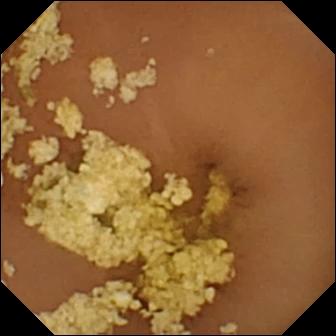Capsule endoscopy image, small intestine
Observation: normal clean mucosa